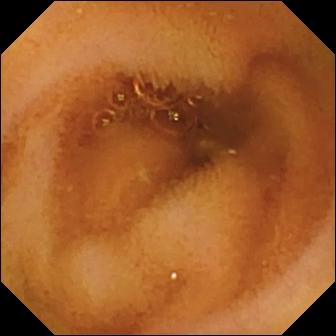PROCEDURE: Video capsule endoscopy.
FINDINGS: Normal clean mucosa.